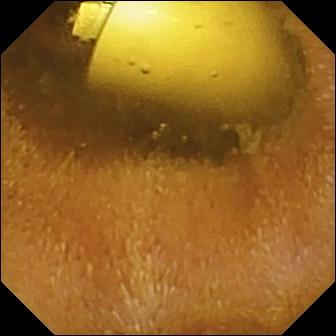modality: video capsule endoscopy; category: luminal finding; finding: foreign body (e.g. retained capsule, tablet residue)